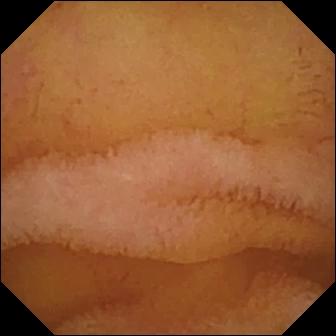PROCEDURE: Video capsule endoscopy.
FINDINGS: Normal clean mucosa.